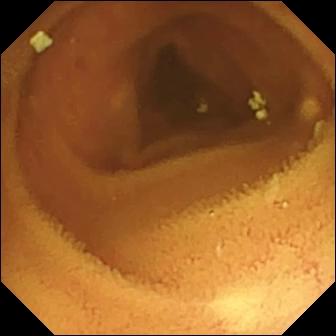modality: capsule endoscopy; segment: small bowel; category: luminal finding; finding: normal clean mucosa